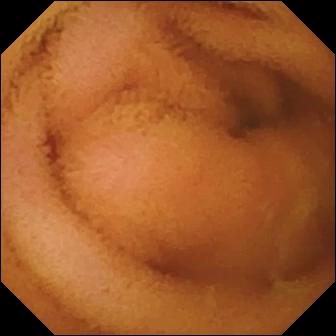WCE — normal clean mucosa.